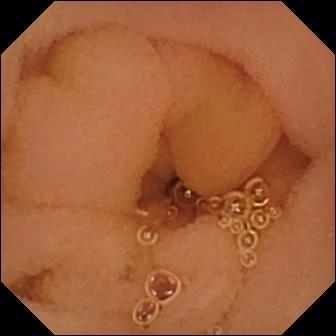Capsule endoscopy snapshot. Normal clean mucosa.